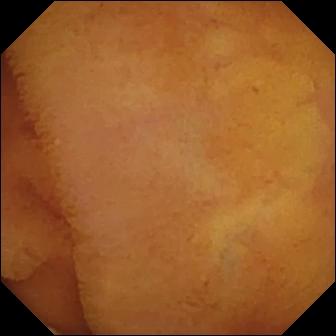Normal clean mucosa.